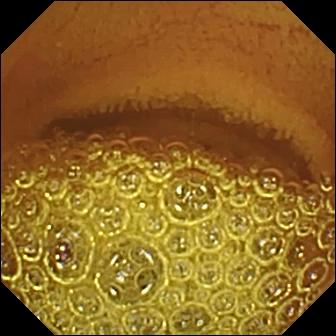Wireless capsule endoscopy frame showing normal clean mucosa.